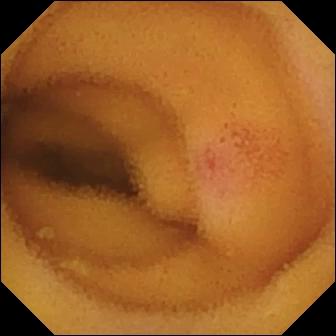- modality: capsule endoscopy
- label: angiectasia